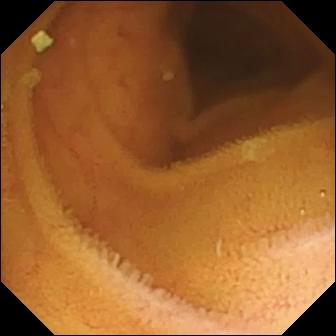Capsule endoscopy still, small intestine
Impression: normal clean mucosa